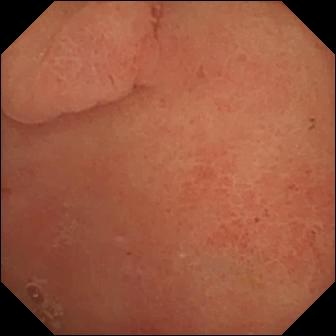Q: Where in the digestive tract was this video capsule endoscopy view taken?
A: Pylorus region (where the capsule passes from the stomach into the small bowel).